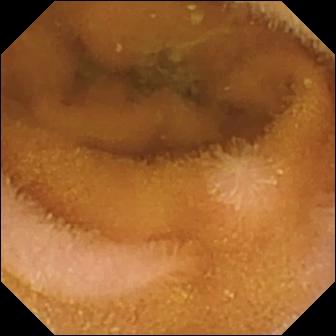modality: video capsule endoscopy; segment: small intestine; category: luminal finding; label: normal clean mucosa